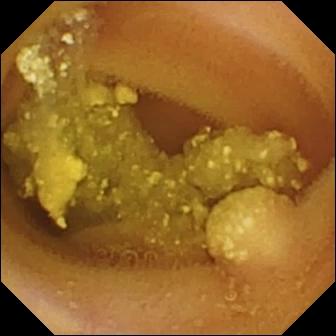{"modality": "video capsule endoscopy", "finding": "lymphangiectasia"}